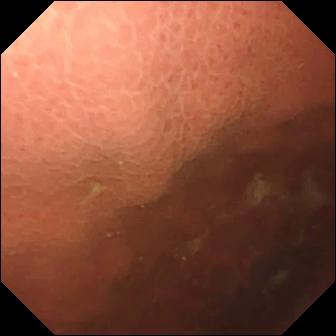Q: Where in the digestive tract was this small-bowel capsule endoscopy still taken?
A: Pylorus region.